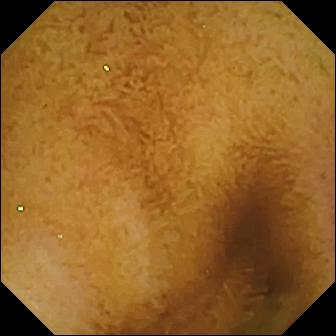WCE view, small bowel
Label: normal clean mucosa